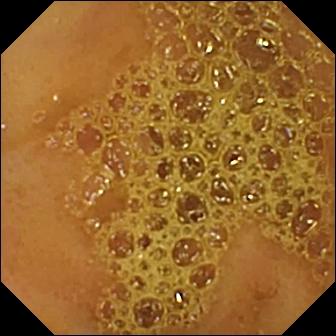Q: Where in the digestive tract was this VCE snapshot taken?
A: Ileo-cecal valve region (the transition from the small bowel to the large bowel).